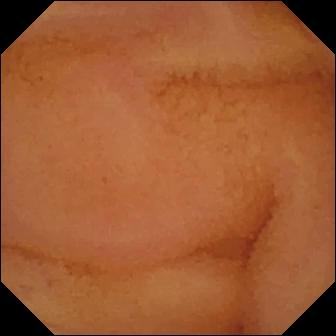{"modality": "wireless capsule endoscopy", "segment": "small bowel", "finding": "normal clean mucosa"}